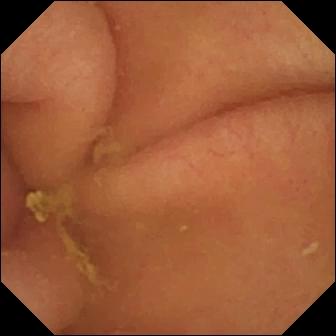VCE. Near an anatomical landmark. Video segment: pylorus region (where the capsule passes from the stomach into the small bowel).